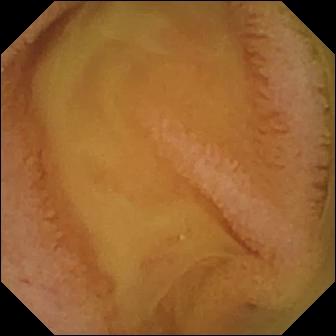Video capsule endoscopy — normal clean mucosa.